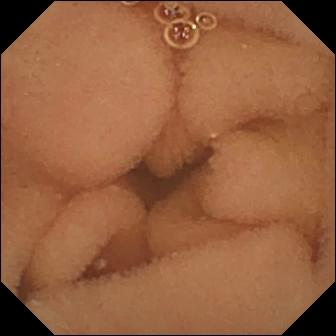Normal clean mucosa (336×336).